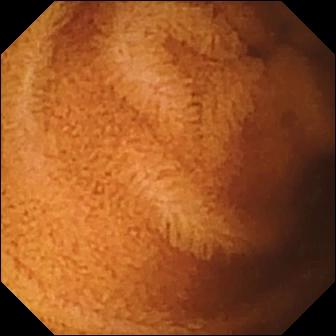- modality: small-bowel capsule endoscopy
- segment: small intestine
- label: normal clean mucosa